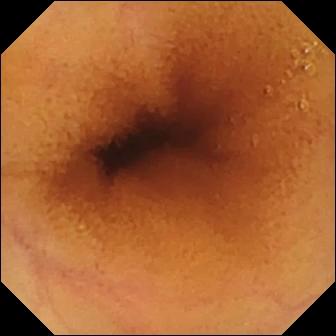This VCE still shows normal clean mucosa.